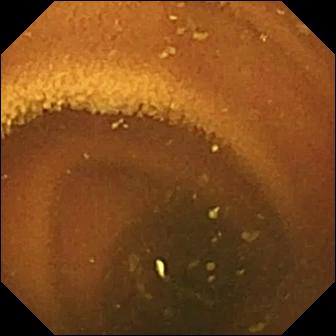This wireless capsule endoscopy snapshot of the small bowel shows normal clean mucosa.